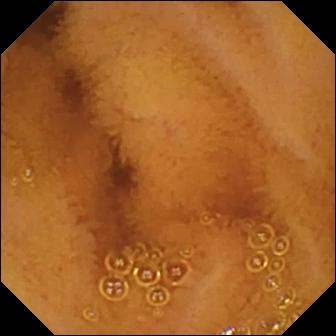VCE — normal clean mucosa.